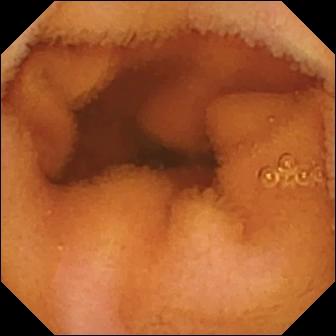PROCEDURE: Small-bowel capsule endoscopy.
SEGMENT: Small bowel.
FINDINGS: Normal clean mucosa.